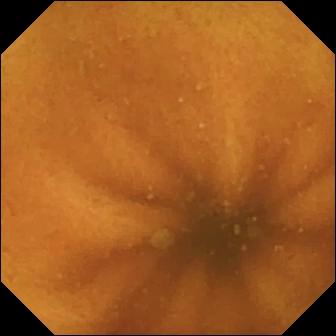Q: What does this capsule endoscopy view show?
A: Normal clean mucosa.